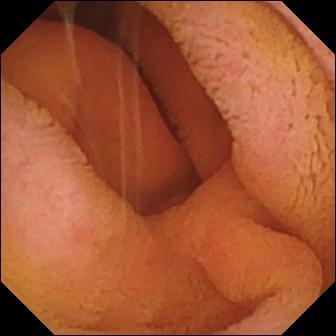{"modality": "WCE", "category": "anatomical landmark", "position": "pylorus region (the junction between the stomach and the small bowel)"}